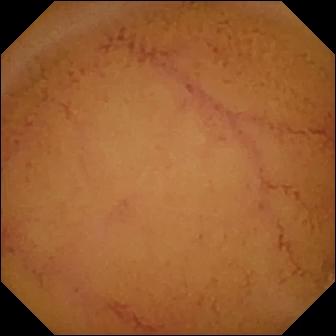Video capsule endoscopy — normal clean mucosa.